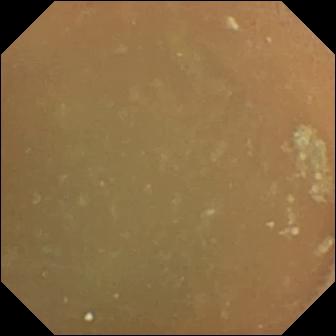Normal clean mucosa — VCE view.